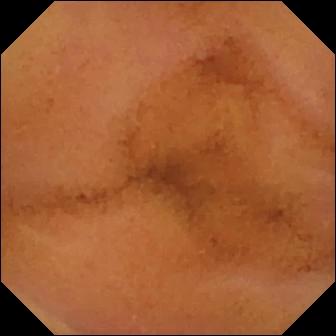This WCE image shows normal clean mucosa.